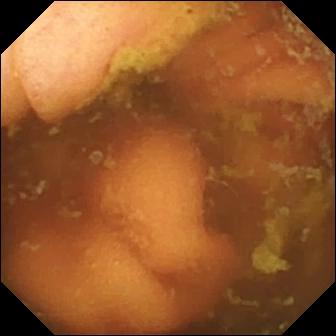Ileo-cecal valve region (the transition from the small bowel to the large bowel).